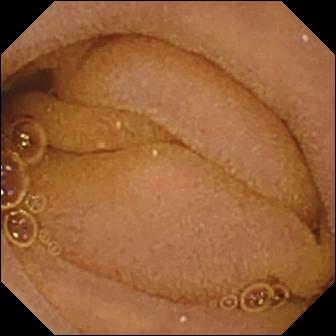Video capsule endoscopy view
Observation: normal clean mucosa